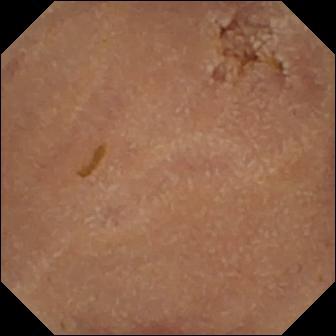This WCE view shows normal clean mucosa.